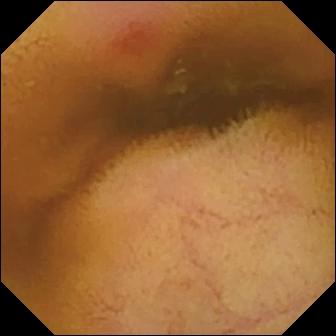modality: VCE | finding: erythema (mucosal redness)